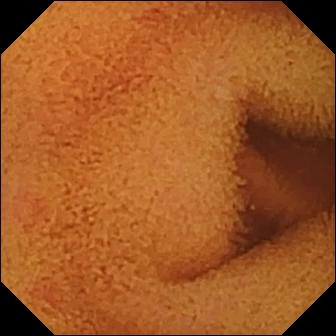Normal clean mucosa (336×336).